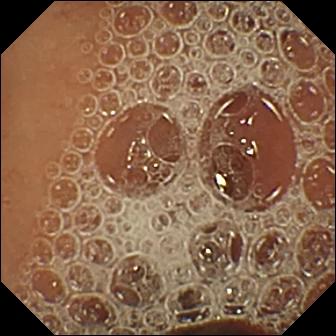This wireless capsule endoscopy view shows normal clean mucosa.